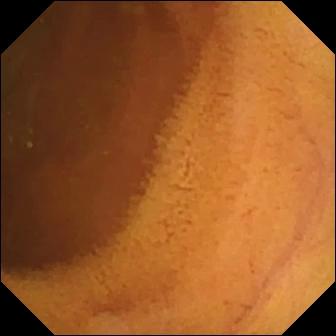Q: What does this capsule endoscopy snapshot show?
A: Normal clean mucosa.